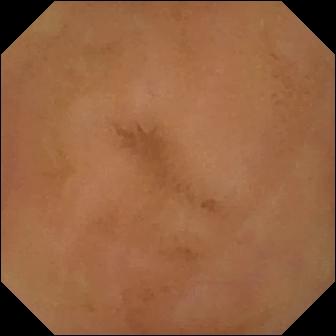PROCEDURE: WCE.
FINDINGS: Normal clean mucosa.